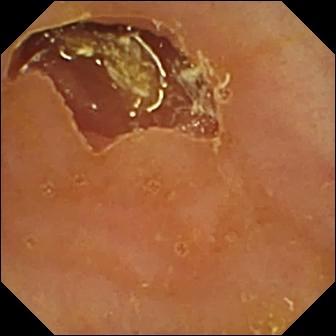PROCEDURE: VCE.
FINDINGS: Reduced mucosal view (content or bubbles obscuring the mucosa).